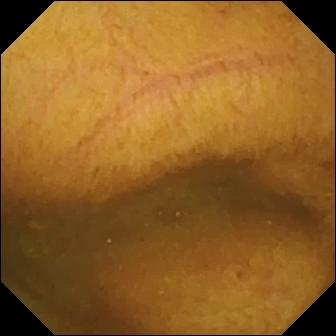Small-bowel capsule endoscopy — normal clean mucosa.